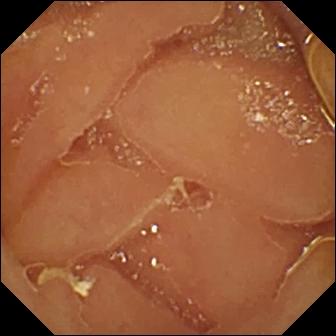Capsule endoscopy snapshot (small bowel). Normal clean mucosa.